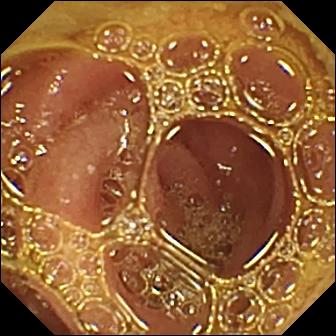This capsule endoscopy view shows normal clean mucosa.